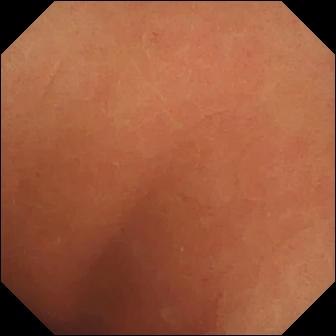PROCEDURE: Video capsule endoscopy.
FINDINGS: Normal clean mucosa.